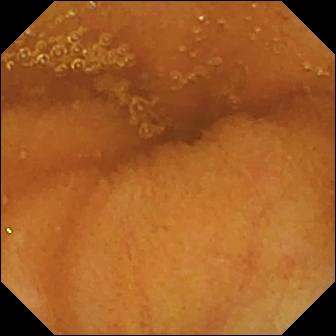This video capsule endoscopy frame shows normal clean mucosa.